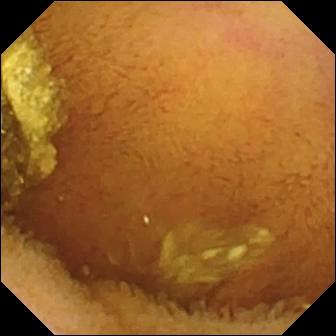modality: capsule endoscopy; segment: small intestine; observation: normal clean mucosa